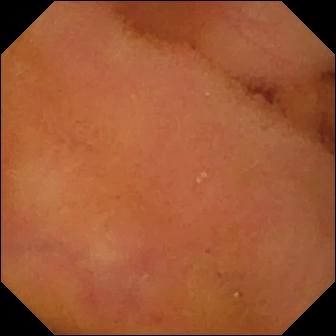Normal clean mucosa — VCE frame of the small intestine.